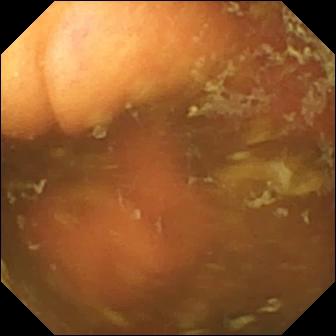This small-bowel capsule endoscopy view was taken in the ileo-cecal valve region (the transition from the small bowel to the large bowel).